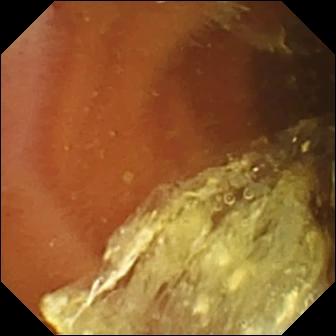This VCE view shows normal clean mucosa.